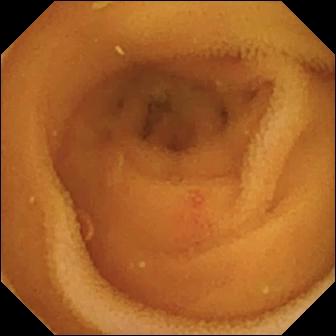Capsule endoscopy still showing angiectasia.